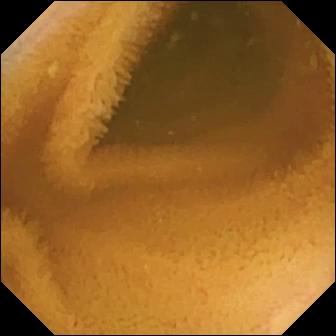WCE — normal clean mucosa.